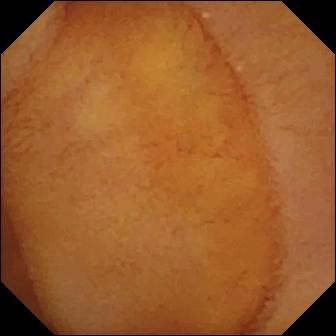Wireless capsule endoscopy — normal clean mucosa.